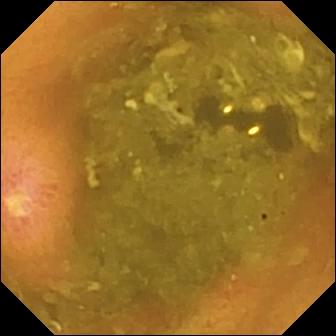Q: What does this VCE still show?
A: Ulcer.